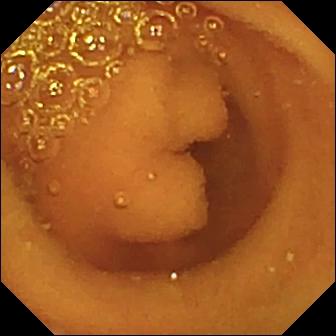WCE view, small intestine
Label: normal clean mucosa